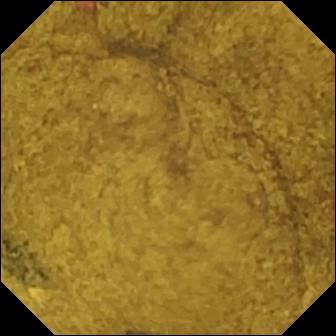Wireless capsule endoscopy view
Label: ileo-cecal valve region (the transition from the small bowel to the large bowel)